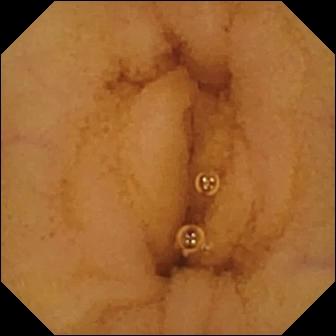VCE — normal clean mucosa.